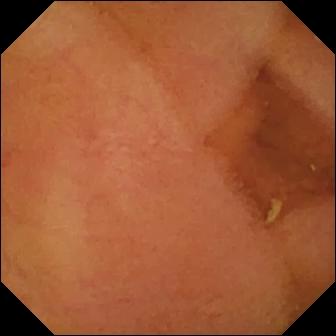modality: video capsule endoscopy
segment: small bowel
impression: normal clean mucosa